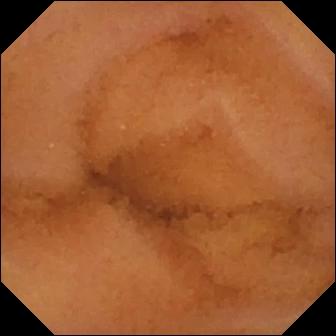This VCE frame of the small bowel shows normal clean mucosa.